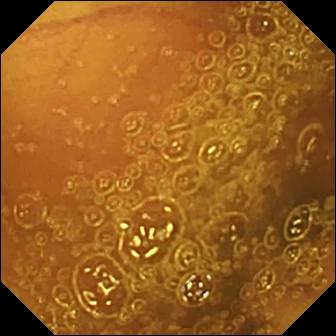Normal clean mucosa — WCE still.